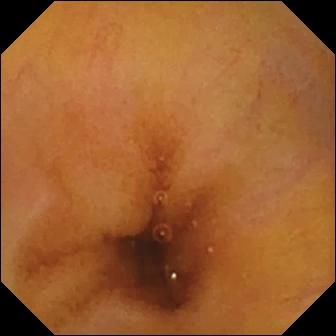VCE — normal clean mucosa.